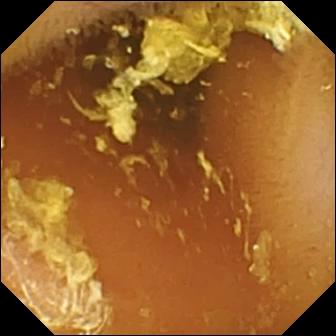modality: wireless capsule endoscopy
impression: normal clean mucosa